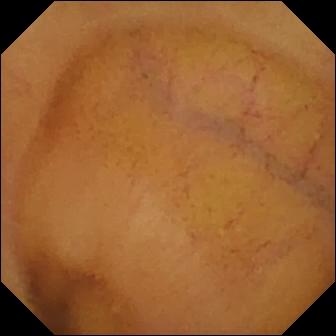VCE — normal clean mucosa.